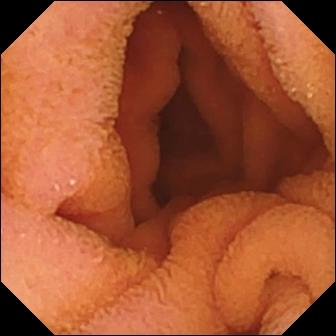{"modality": "capsule endoscopy", "segment": "small intestine", "finding": "normal clean mucosa"}